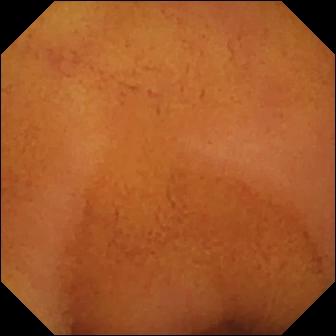Wireless capsule endoscopy view. Normal clean mucosa.